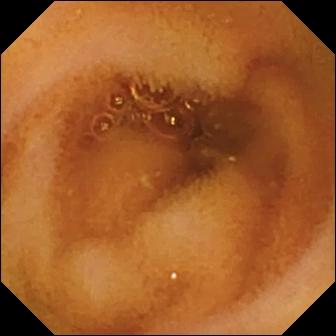Capsule endoscopy — normal clean mucosa.